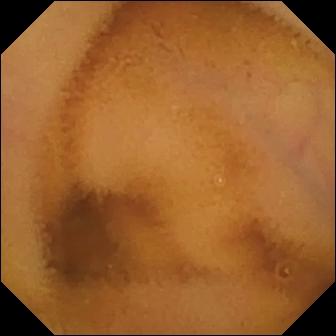PROCEDURE: Small-bowel capsule endoscopy.
FINDINGS: Normal clean mucosa.